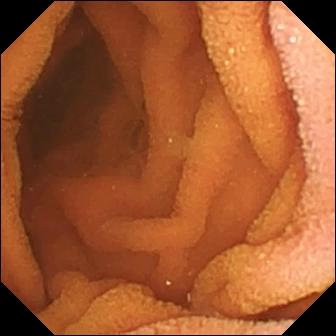VCE frame
Impression: normal clean mucosa